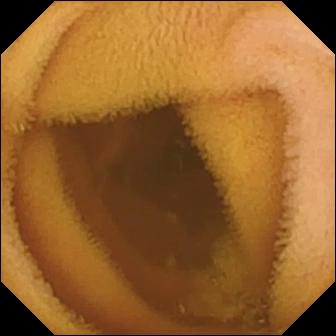modality: WCE | segment: small bowel | impression: normal clean mucosa